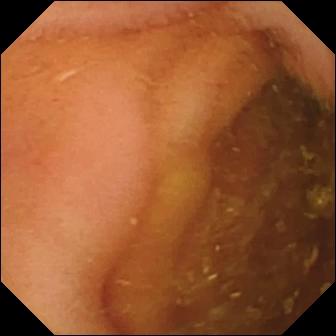Video capsule endoscopy view, small bowel
Observation: normal clean mucosa